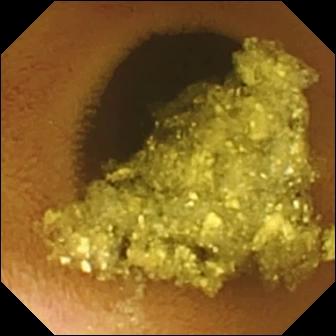Small-bowel capsule endoscopy still of the small intestine showing normal clean mucosa.